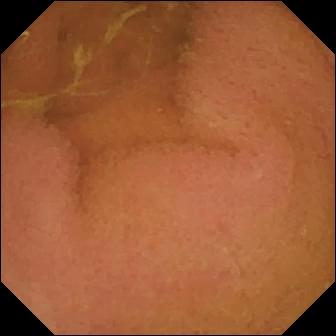Video capsule endoscopy frame showing normal clean mucosa.